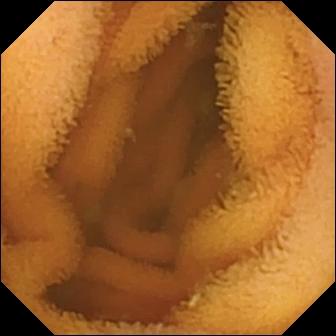modality: VCE
category: luminal finding
observation: normal clean mucosa